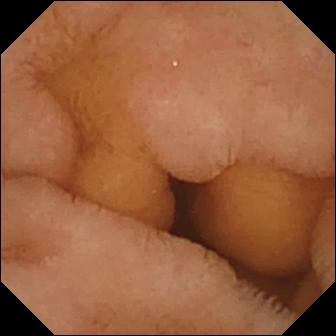{"modality": "capsule endoscopy", "finding": "normal clean mucosa"}